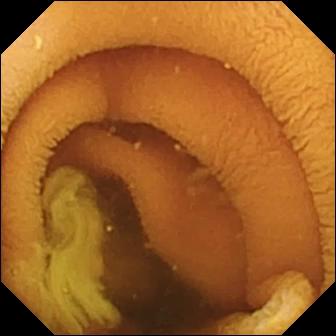Capsule endoscopy — normal clean mucosa.